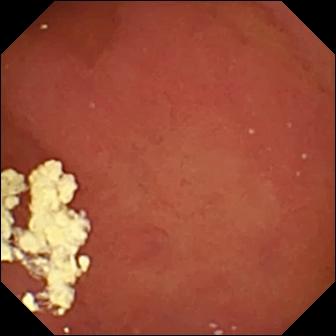- modality: capsule endoscopy
- video segment: pylorus region